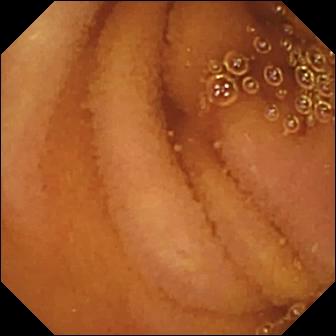Q: What does this WCE image of the small bowel show?
A: Normal clean mucosa.